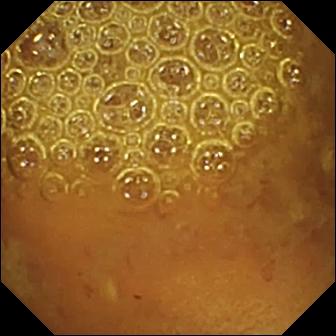PROCEDURE: Capsule endoscopy.
FINDINGS: Reduced mucosal view (content or bubbles obscuring the mucosa).